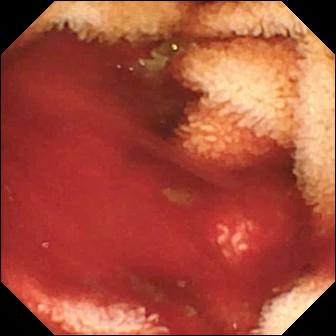- modality: wireless capsule endoscopy
- observation: fresh blood in the lumen